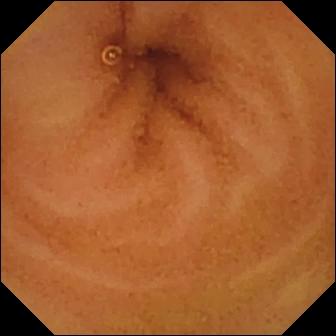Normal clean mucosa.